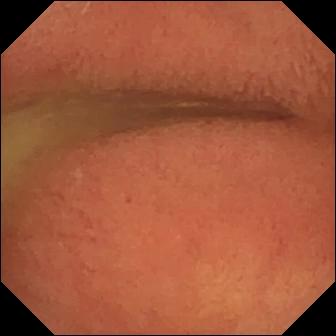- modality: WCE
- video segment: pylorus region